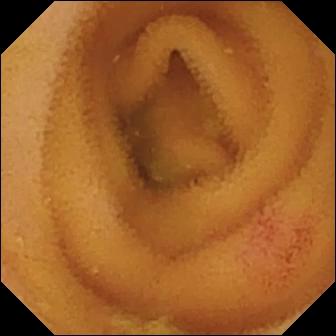WCE view showing angiectasia.